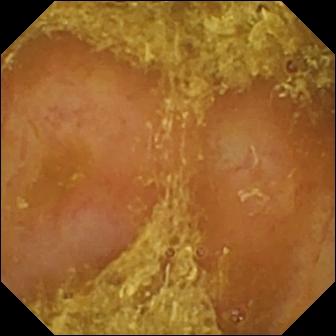Video capsule endoscopy view
Impression: reduced mucosal view (content or bubbles obscuring the mucosa)